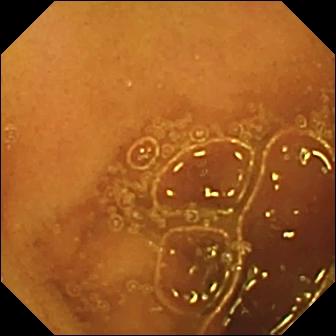Q: What does this VCE image show?
A: Normal clean mucosa.